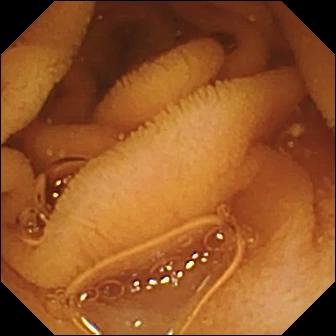Normal clean mucosa — video capsule endoscopy view of the small bowel.